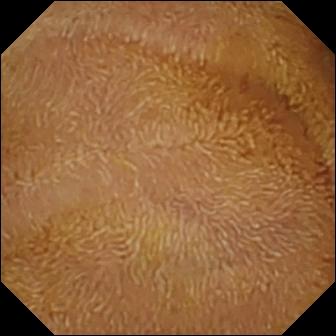Normal clean mucosa.